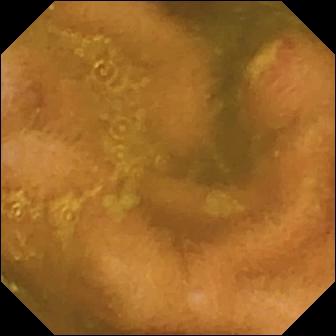Ulcer (336×336).